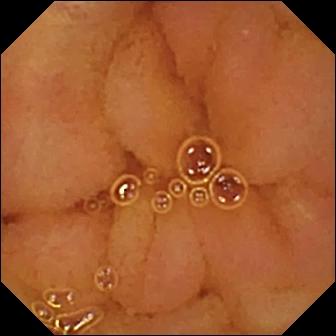PROCEDURE: Video capsule endoscopy.
FINDINGS: Normal clean mucosa.